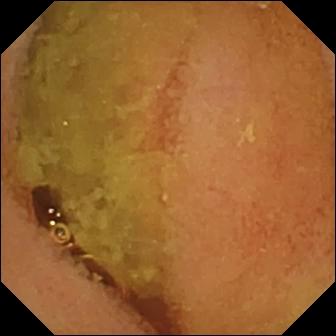Small-bowel capsule endoscopy image. Normal clean mucosa.